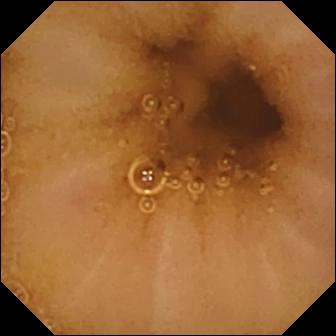- modality: small-bowel capsule endoscopy
- label: normal clean mucosa